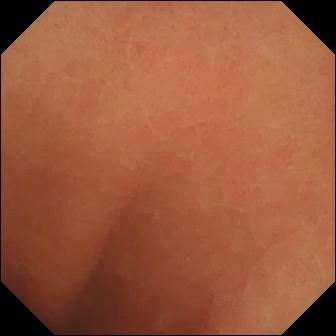{"modality": "WCE", "category": "luminal finding", "finding": "normal clean mucosa"}